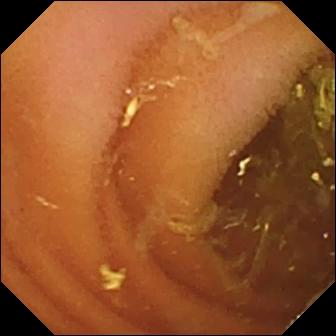VCE. Label: normal clean mucosa.